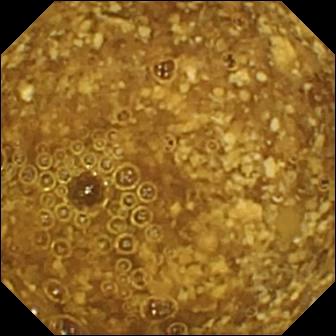modality: video capsule endoscopy | category: luminal finding | label: reduced mucosal view (content or bubbles obscuring the mucosa)